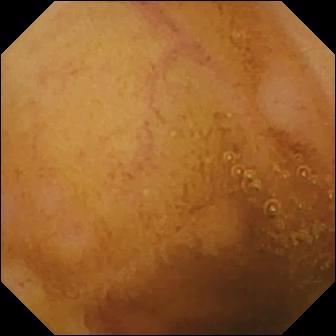Normal clean mucosa — video capsule endoscopy view.